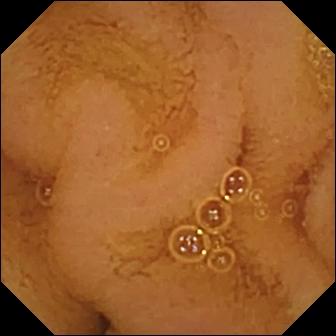Q: What does this wireless capsule endoscopy frame of the small intestine show?
A: Normal clean mucosa.